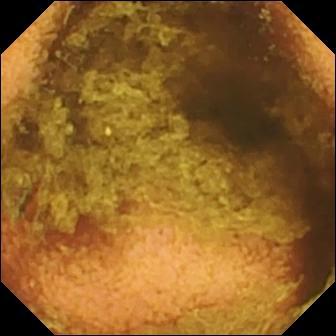PROCEDURE: WCE.
SEGMENT: Small intestine.
FINDINGS: Normal clean mucosa.